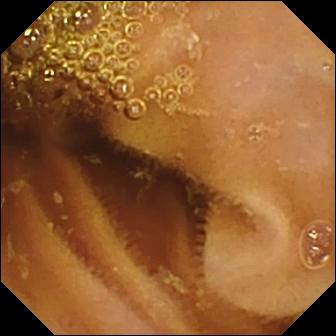Normal clean mucosa.